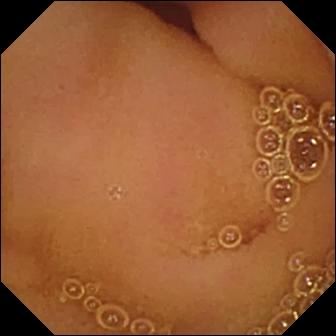Wireless capsule endoscopy. Small bowel. Observation: normal clean mucosa.